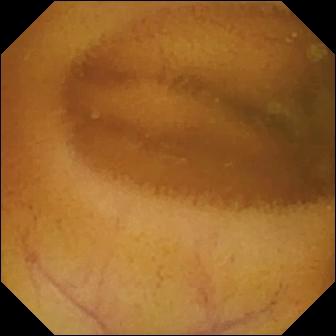Small-bowel capsule endoscopy — normal clean mucosa.